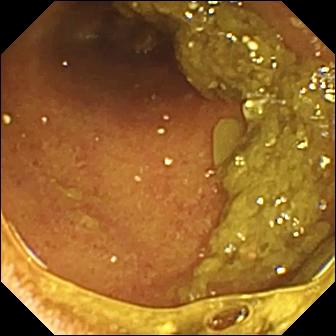Small-bowel capsule endoscopy view
Video segment: ileo-cecal valve region (the transition from the small bowel to the large bowel)